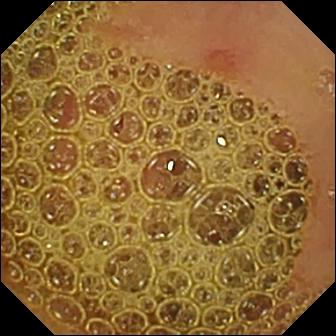VCE image showing erosion.